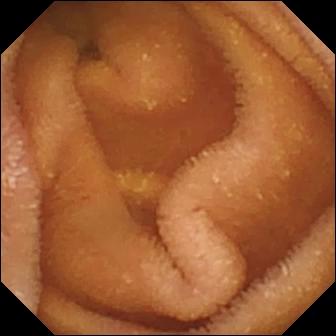Q: What does this wireless capsule endoscopy still show?
A: Normal clean mucosa.